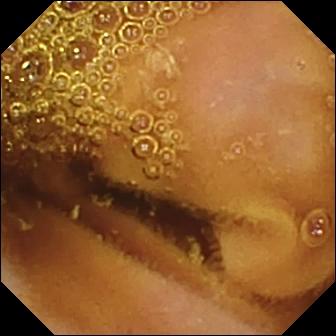PROCEDURE: Wireless capsule endoscopy.
FINDINGS: Normal clean mucosa.